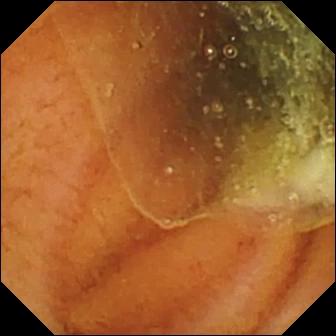Q: What does this capsule endoscopy image of the small bowel show?
A: Normal clean mucosa.